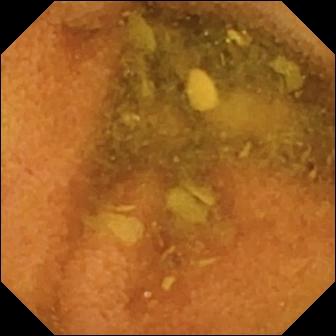WCE still showing normal clean mucosa.